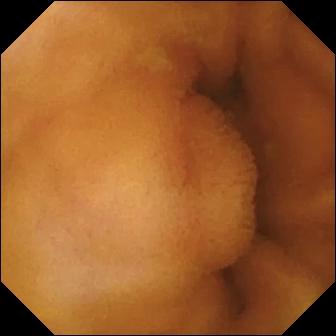WCE image showing normal clean mucosa.